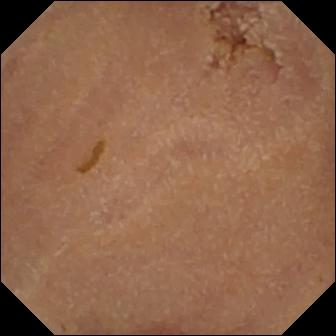Video capsule endoscopy. Impression: normal clean mucosa.